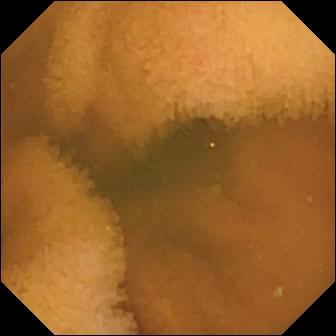Normal clean mucosa — capsule endoscopy view of the small bowel.